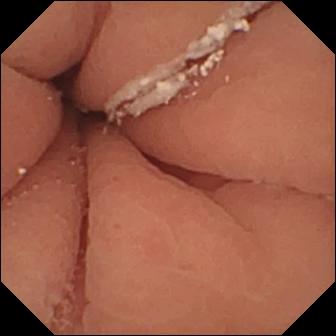- modality: VCE
- video segment: pylorus region